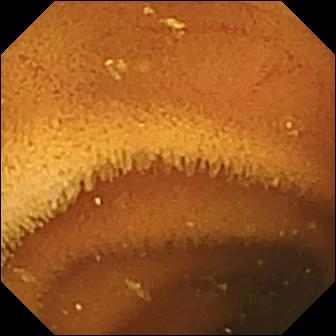WCE snapshot (small bowel). Normal clean mucosa.